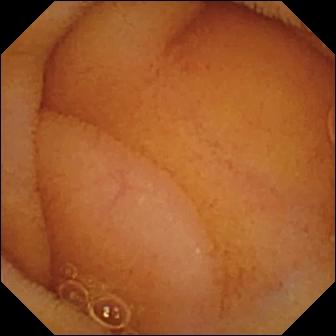- modality: small-bowel capsule endoscopy
- segment: small bowel
- observation: normal clean mucosa